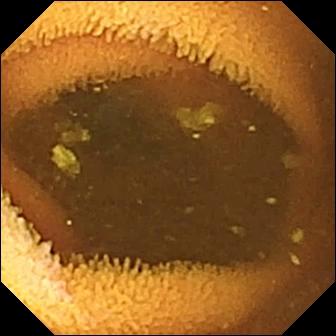Q: What does this VCE image show?
A: Normal clean mucosa.